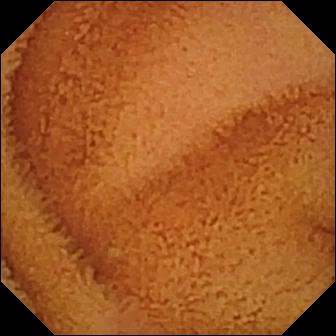modality: small-bowel capsule endoscopy | finding: normal clean mucosa